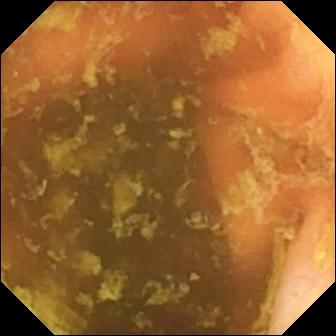Video capsule endoscopy — ileo-cecal valve region (where the capsule passes from the small bowel into the large bowel).